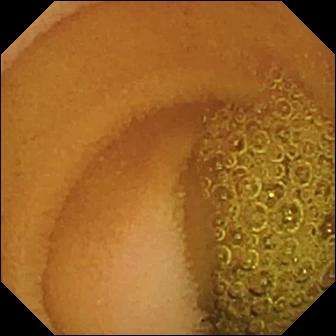PROCEDURE: WCE.
FINDINGS: Normal clean mucosa.